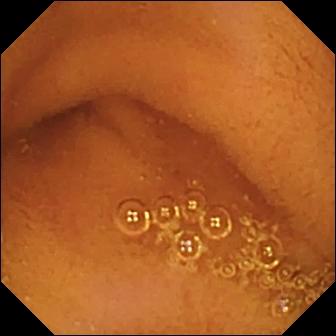- modality: capsule endoscopy
- finding: normal clean mucosa